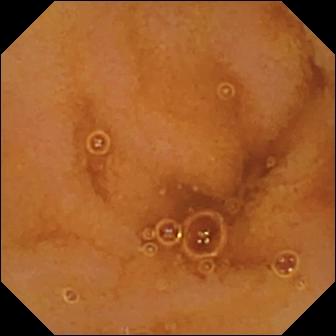Capsule endoscopy snapshot (small intestine). Normal clean mucosa.